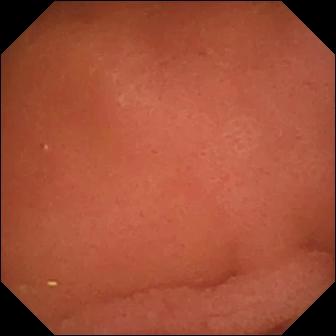PROCEDURE: Wireless capsule endoscopy.
LOCATION: Pylorus region (the junction between the stomach and the small bowel).